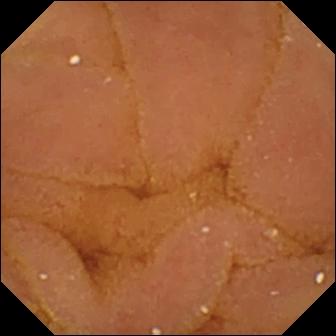PROCEDURE: Small-bowel capsule endoscopy.
FINDINGS: Normal clean mucosa.